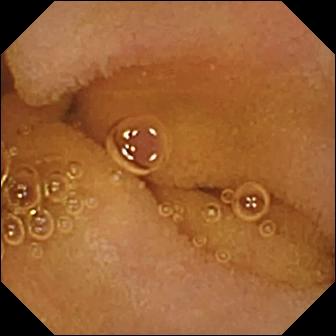Video capsule endoscopy — normal clean mucosa.